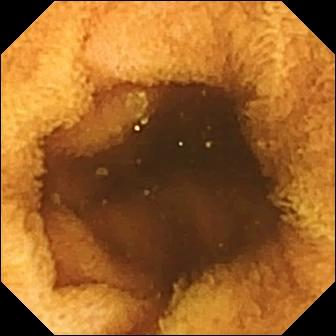WCE still showing normal clean mucosa.